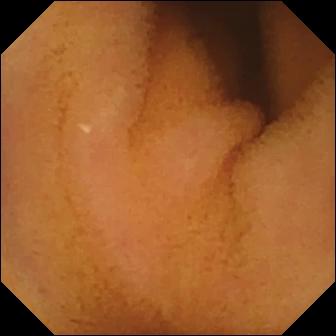VCE — normal clean mucosa.